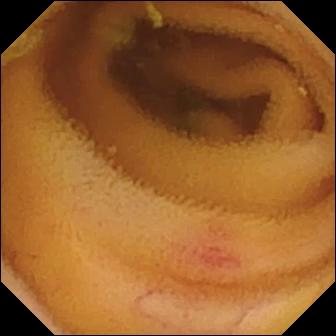Video capsule endoscopy still showing angiectasia.